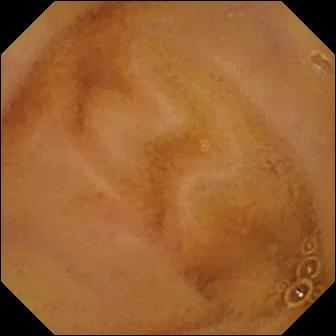{"modality": "wireless capsule endoscopy", "segment": "small bowel", "finding": "normal clean mucosa"}